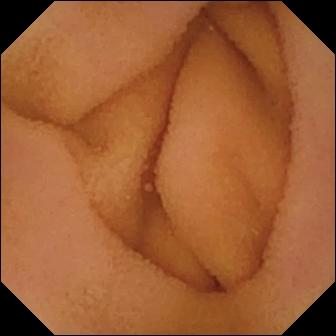- modality: wireless capsule endoscopy
- segment: small intestine
- category: luminal finding
- finding: normal clean mucosa